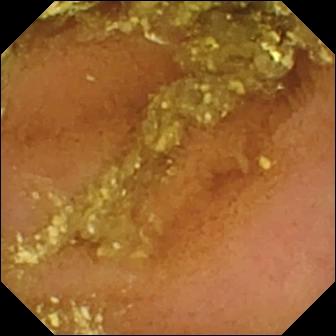- modality: VCE
- finding: normal clean mucosa